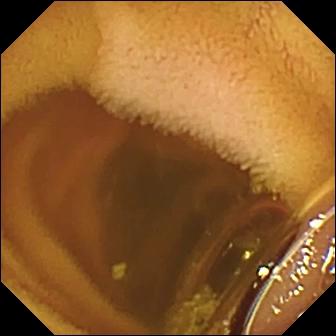Normal clean mucosa — WCE frame of the small bowel.